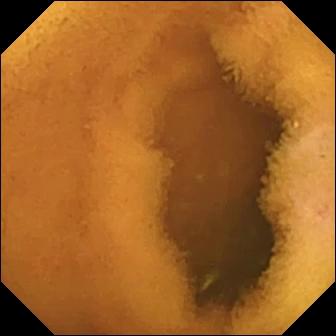Wireless capsule endoscopy snapshot showing normal clean mucosa.